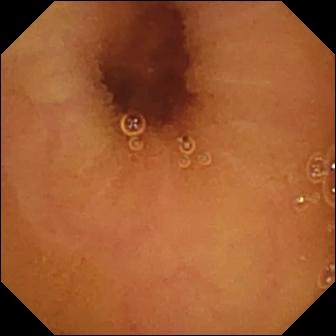WCE image
Label: normal clean mucosa